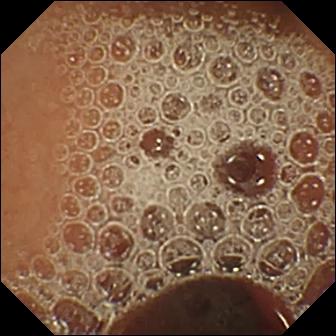PROCEDURE: VCE.
FINDINGS: Normal clean mucosa.